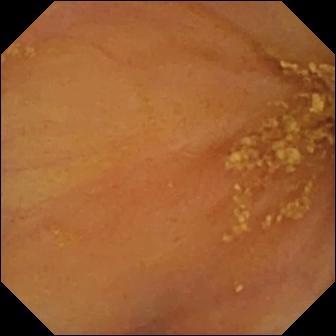Small-bowel capsule endoscopy frame. Taken in the ileo-cecal valve region (where the capsule passes from the small bowel into the large bowel).